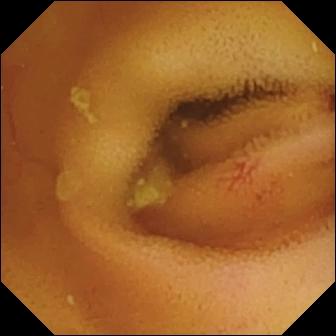Angiectasia.